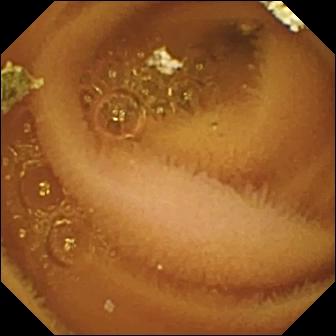Q: What does this small-bowel capsule endoscopy view of the small bowel show?
A: Normal clean mucosa.